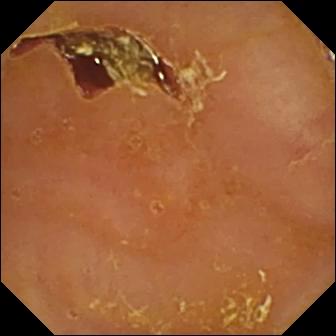- modality: WCE
- segment: small intestine
- label: reduced mucosal view (content or bubbles obscuring the mucosa)